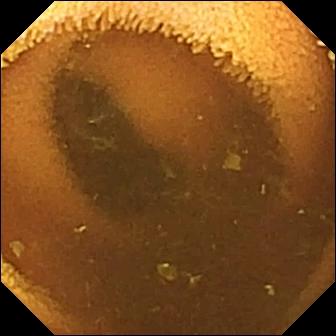Normal clean mucosa — VCE frame.